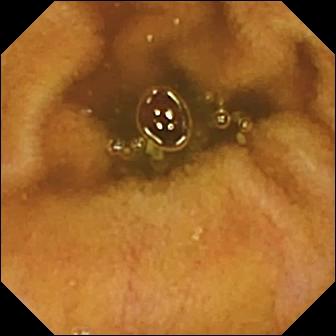Normal clean mucosa (336×336).